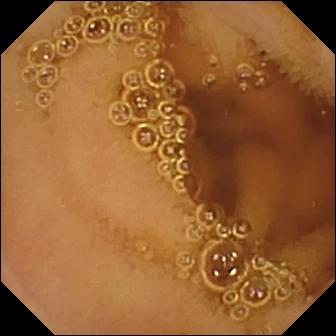Wireless capsule endoscopy still, small bowel
Finding: normal clean mucosa